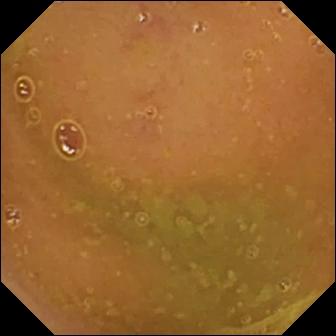Normal clean mucosa — small-bowel capsule endoscopy frame of the small bowel.